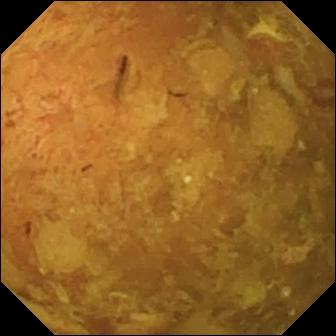PROCEDURE: Capsule endoscopy.
FINDINGS: Reduced mucosal view (content or bubbles obscuring the mucosa).